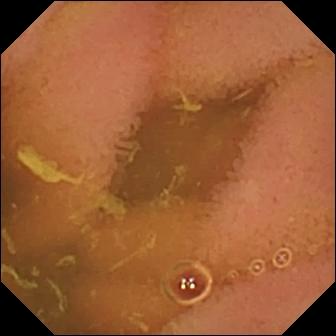Normal clean mucosa — capsule endoscopy snapshot of the small intestine.